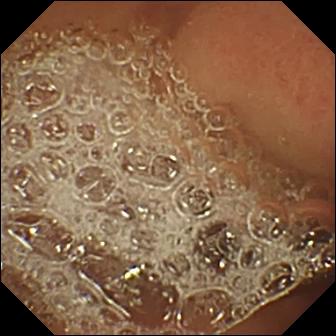Normal clean mucosa — video capsule endoscopy frame.